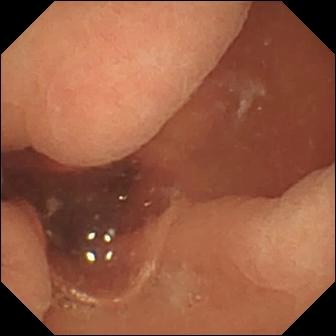Wireless capsule endoscopy view showing normal clean mucosa.